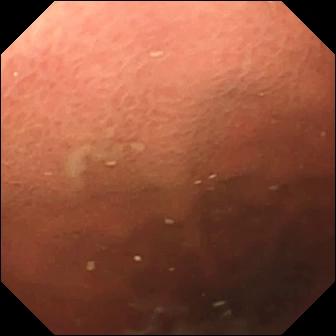This VCE image was taken in the pylorus region (where the capsule passes from the stomach into the small bowel).